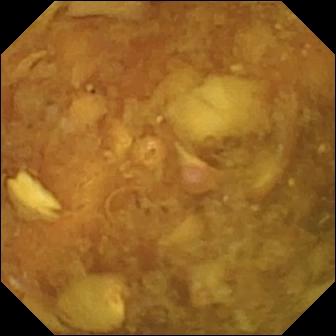{"modality": "VCE", "segment": "small intestine", "finding": "reduced mucosal view (content or bubbles obscuring the mucosa)"}